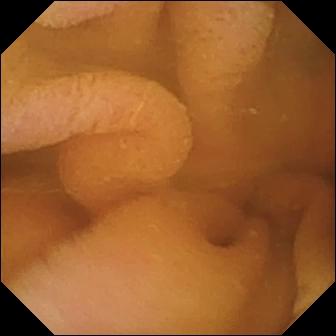Q: What does this VCE image of the small bowel show?
A: Normal clean mucosa.